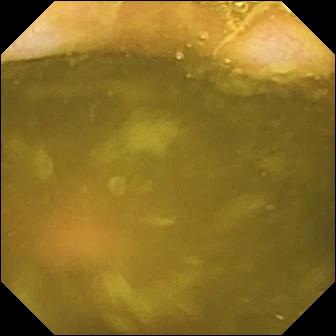WCE frame taken in the ileo-cecal valve region (where the capsule passes from the small bowel into the large bowel).